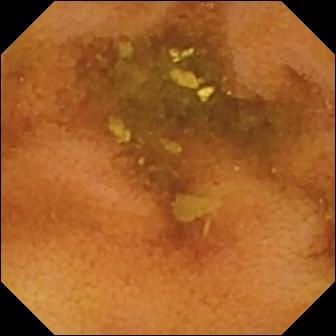WCE frame (small intestine). Normal clean mucosa.